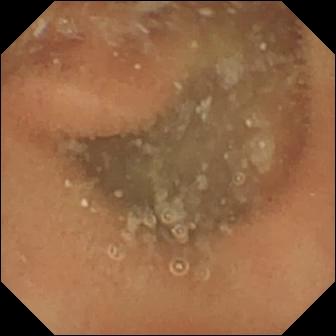PROCEDURE: WCE.
FINDINGS: Normal clean mucosa.